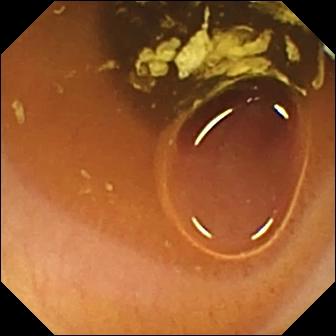Wireless capsule endoscopy frame (small intestine). Normal clean mucosa.